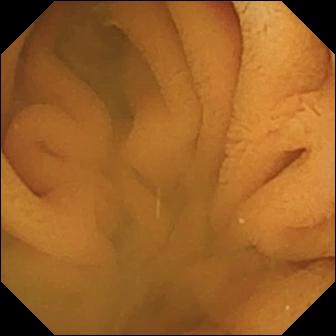Q: What does this VCE frame show?
A: Normal clean mucosa.